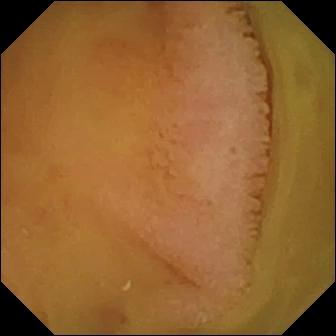Normal clean mucosa — video capsule endoscopy image of the small bowel.